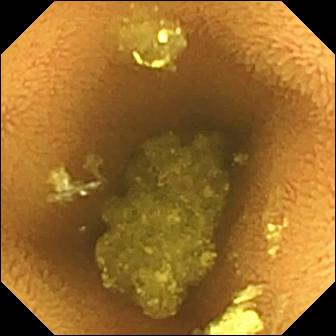Capsule endoscopy snapshot
Finding: normal clean mucosa